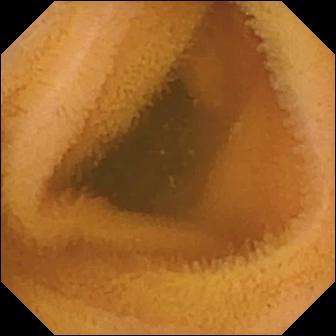This WCE view of the small intestine shows normal clean mucosa.